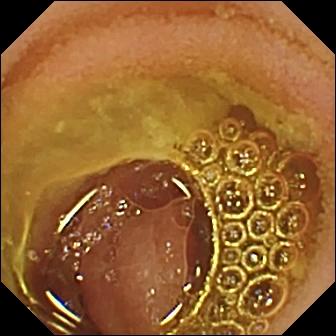PROCEDURE: Wireless capsule endoscopy.
SEGMENT: Small intestine.
FINDINGS: Normal clean mucosa.